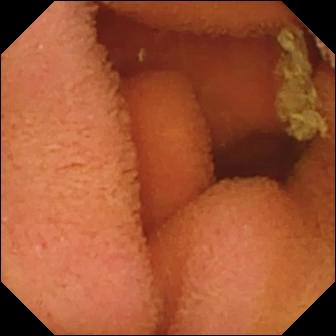modality: WCE | finding: normal clean mucosa